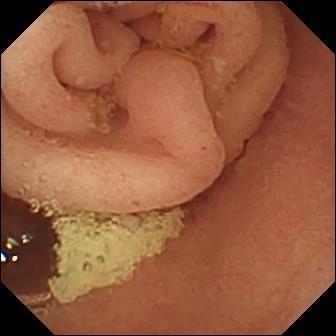- modality: capsule endoscopy
- video segment: pylorus region (where the capsule passes from the stomach into the small bowel)